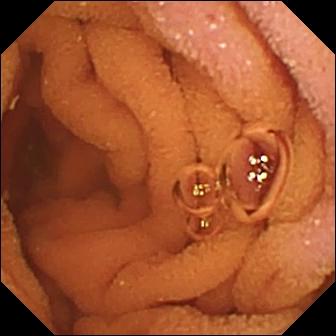PROCEDURE: Capsule endoscopy.
FINDINGS: Normal clean mucosa.